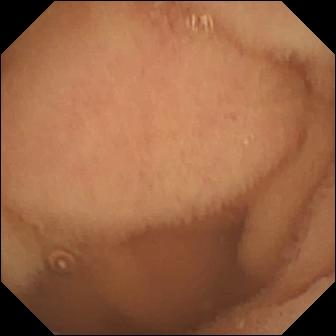modality: small-bowel capsule endoscopy
segment: small bowel
finding: normal clean mucosa